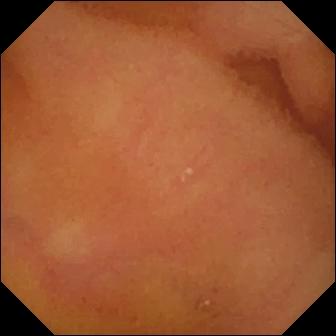Capsule endoscopy still
Finding: normal clean mucosa